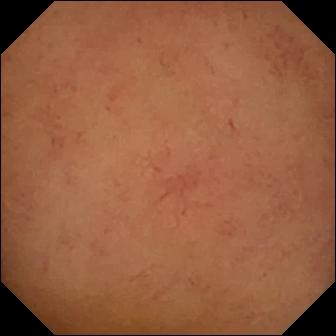modality: capsule endoscopy
category: luminal finding
observation: normal clean mucosa